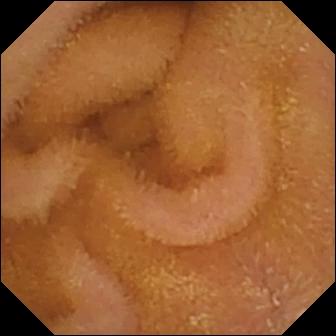Normal clean mucosa — wireless capsule endoscopy snapshot.